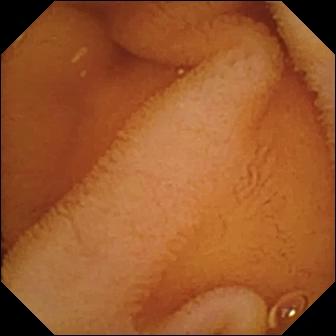Normal clean mucosa — wireless capsule endoscopy view of the small bowel.